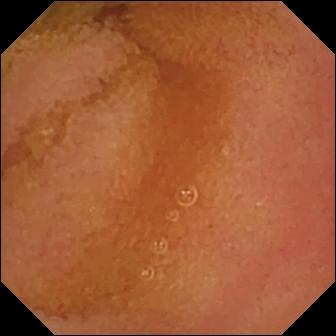Wireless capsule endoscopy — normal clean mucosa.